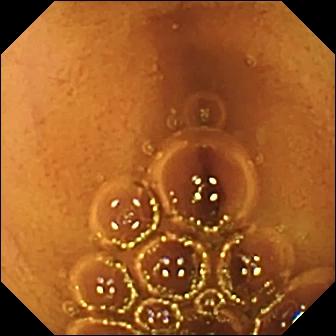Normal clean mucosa — capsule endoscopy still.